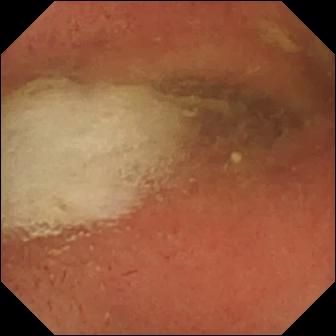{"modality": "video capsule endoscopy", "category": "anatomical landmark", "position": "pylorus region (the junction between the stomach and the small bowel)"}